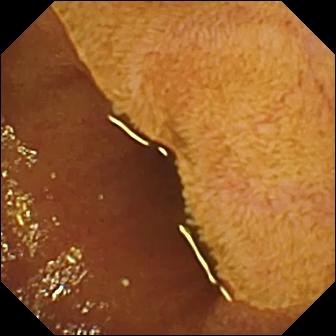modality: video capsule endoscopy; category: anatomical landmark; label: ileo-cecal valve region (the transition from the small bowel to the large bowel)